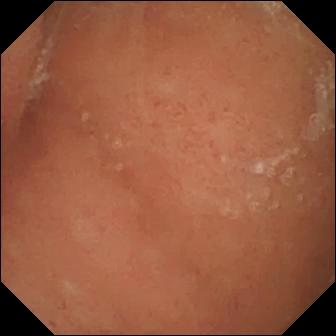Video capsule endoscopy. Small bowel. Label: normal clean mucosa.